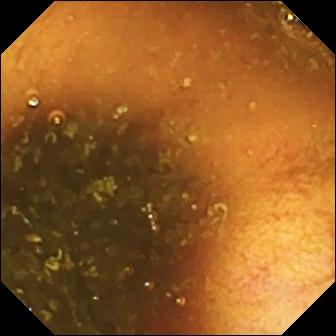PROCEDURE: VCE.
LABEL: Ileo-cecal valve region.